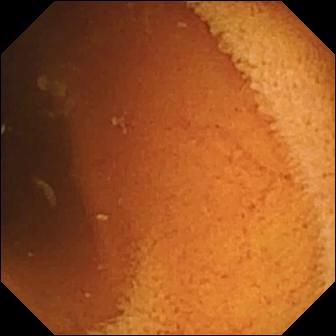WCE still of the small bowel showing normal clean mucosa.